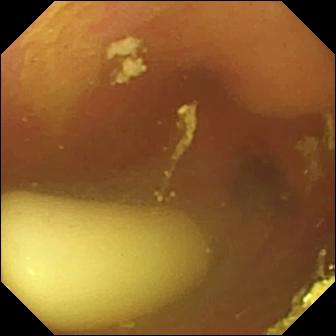Foreign body (e.g. retained capsule, tablet residue) — WCE view.